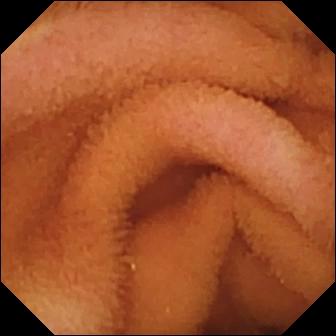Q: What does this wireless capsule endoscopy image show?
A: Normal clean mucosa.